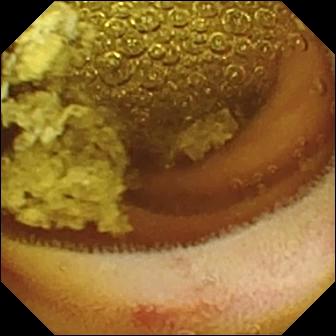PROCEDURE: Wireless capsule endoscopy.
FINDINGS: Erosion.